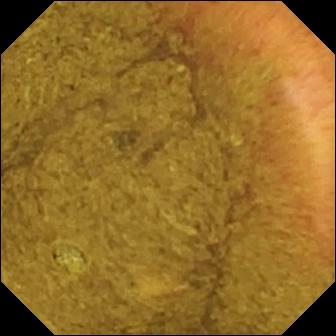{"modality": "small-bowel capsule endoscopy", "location": "ileo-cecal valve region (the transition from the small bowel to the large bowel)"}